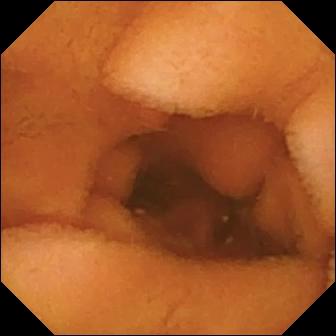Q: What does this small-bowel capsule endoscopy view of the small bowel show?
A: Normal clean mucosa.